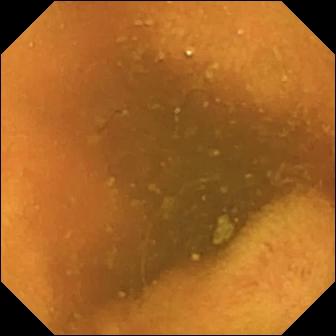Capsule endoscopy view (small intestine). Normal clean mucosa.